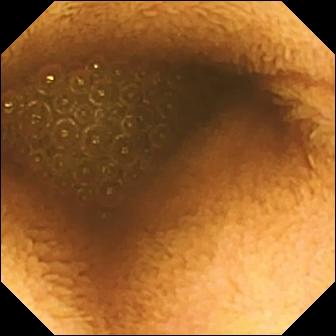This wireless capsule endoscopy view shows reduced mucosal view (content or bubbles obscuring the mucosa).